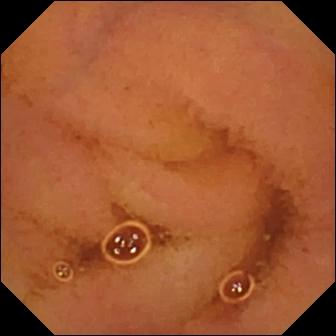- modality: small-bowel capsule endoscopy
- segment: small bowel
- finding: normal clean mucosa